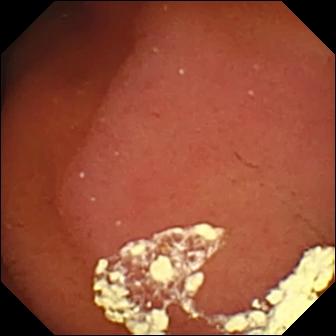PROCEDURE: Wireless capsule endoscopy.
LOCATION: Pylorus region.